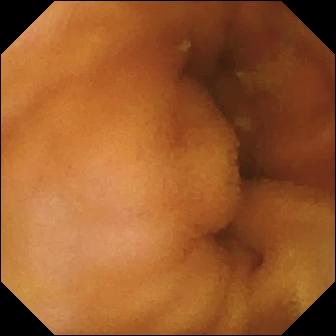Wireless capsule endoscopy. Small intestine. Impression: normal clean mucosa.